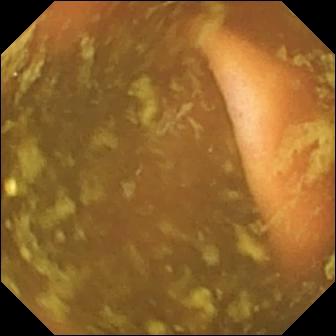VCE. Label: ileo-cecal valve region.